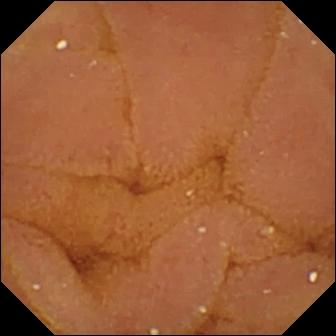Normal clean mucosa — wireless capsule endoscopy snapshot.